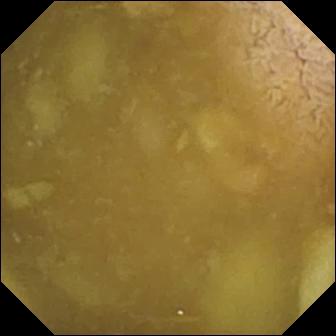Ileo-cecal valve region (where the capsule passes from the small bowel into the large bowel) — wireless capsule endoscopy frame.